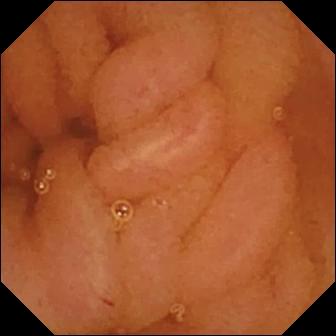Capsule endoscopy snapshot (small intestine), 336×336. Normal clean mucosa.